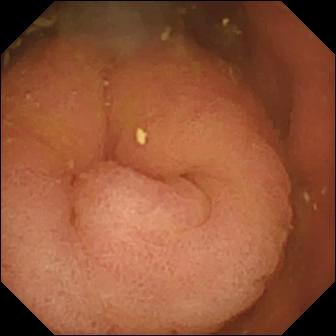modality: WCE | location: pylorus region (where the capsule passes from the stomach into the small bowel)